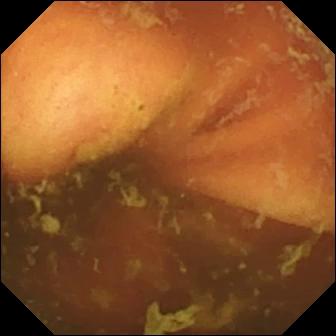Q: Where in the digestive tract was this capsule endoscopy image taken?
A: Ileo-cecal valve region (where the capsule passes from the small bowel into the large bowel).